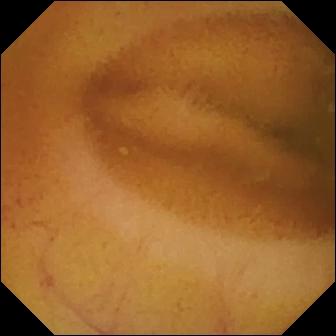VCE — normal clean mucosa.